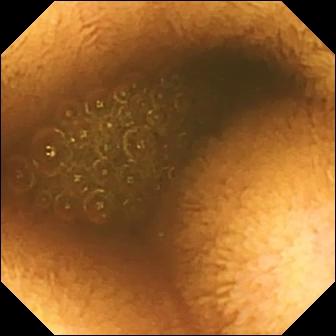WCE — reduced mucosal view (content or bubbles obscuring the mucosa).